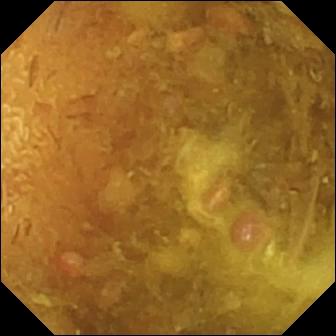{"modality": "video capsule endoscopy", "category": "luminal finding", "finding": "reduced mucosal view (content or bubbles obscuring the mucosa)"}